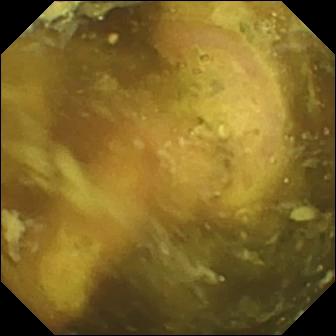WCE frame taken in the ileo-cecal valve region (the transition from the small bowel to the large bowel).